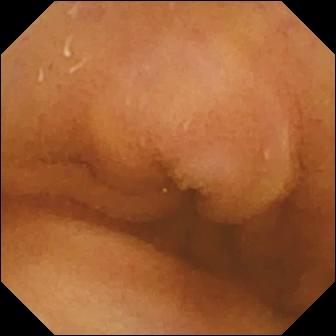Small-bowel capsule endoscopy view (small bowel). Normal clean mucosa.